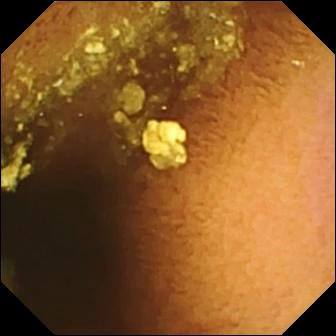- modality: small-bowel capsule endoscopy
- segment: small intestine
- finding: normal clean mucosa